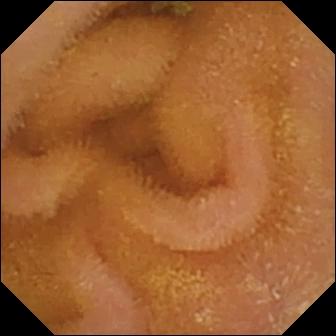Q: What does this capsule endoscopy still of the small bowel show?
A: Normal clean mucosa.